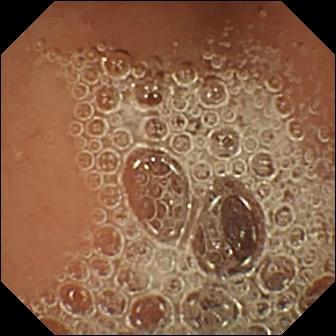This video capsule endoscopy snapshot shows normal clean mucosa.